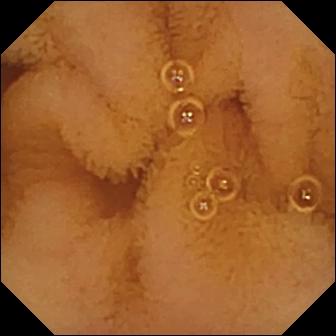Video capsule endoscopy frame (small intestine). Normal clean mucosa.